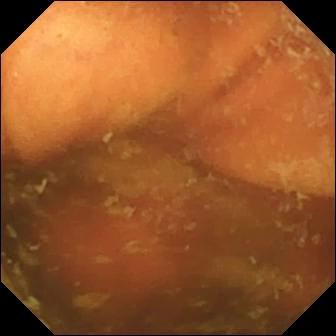WCE image
Position: ileo-cecal valve region